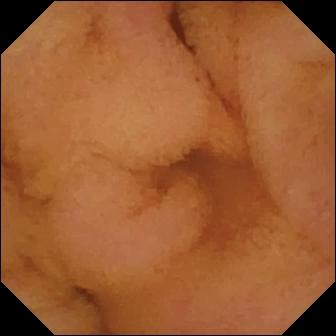WCE snapshot, small bowel
Label: normal clean mucosa